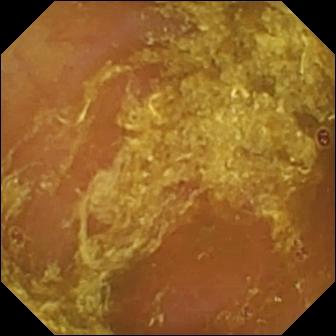Wireless capsule endoscopy image of the small bowel showing reduced mucosal view (content or bubbles obscuring the mucosa).